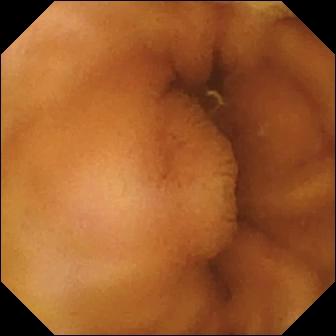- modality: wireless capsule endoscopy
- segment: small bowel
- label: normal clean mucosa